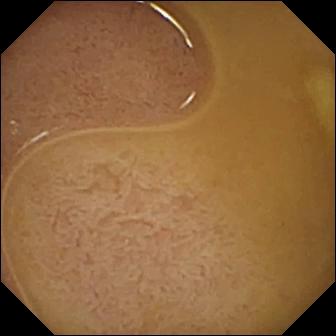- modality: capsule endoscopy
- category: anatomical landmark
- video segment: ileo-cecal valve region